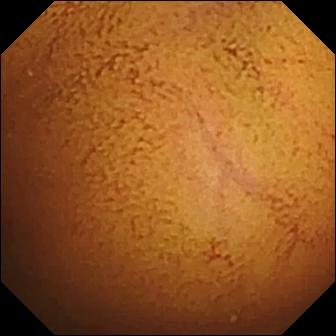Small-bowel capsule endoscopy. Small bowel. Finding: normal clean mucosa.